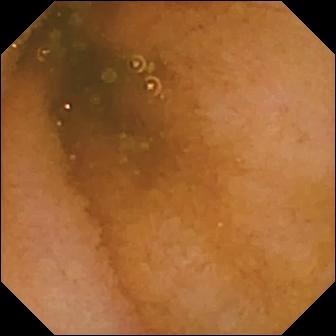{"modality": "wireless capsule endoscopy", "segment": "small intestine", "finding": "normal clean mucosa"}